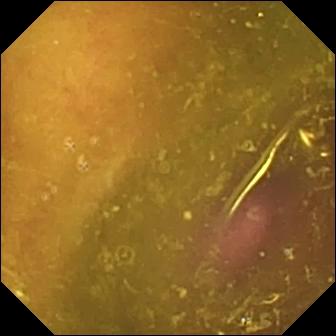PROCEDURE: Capsule endoscopy.
FINDINGS: Reduced mucosal view (content or bubbles obscuring the mucosa).